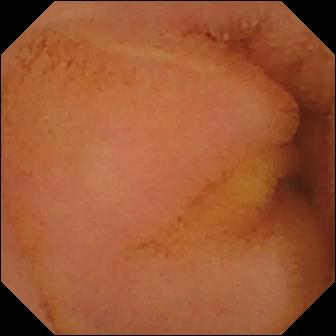Q: What does this small-bowel capsule endoscopy snapshot show?
A: Normal clean mucosa.